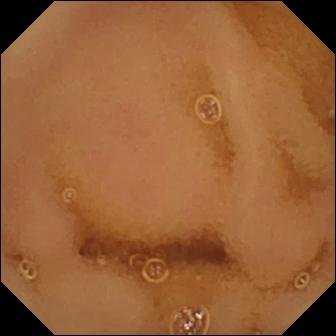VCE — normal clean mucosa.